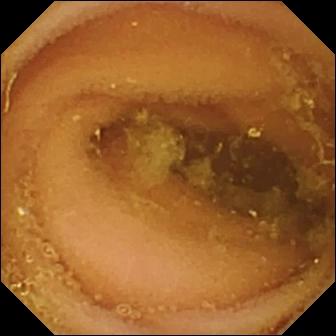- modality: WCE
- segment: small bowel
- category: luminal finding
- impression: normal clean mucosa